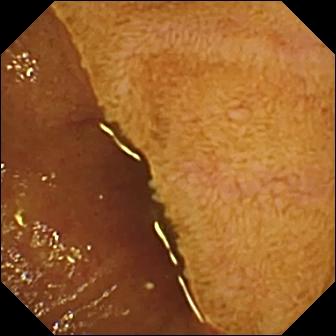Q: Where in the digestive tract was this WCE still taken?
A: Ileo-cecal valve region.